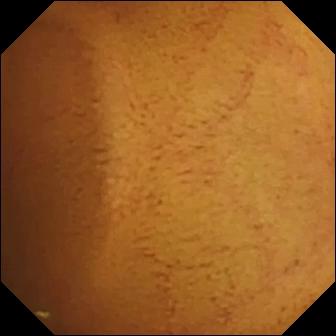{"modality": "wireless capsule endoscopy", "segment": "small intestine", "finding": "normal clean mucosa"}